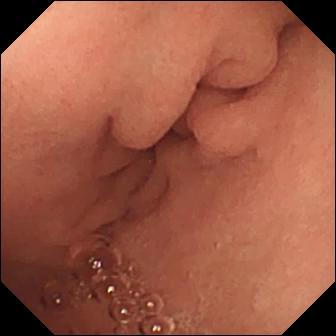{"modality": "VCE", "position": "pylorus region"}